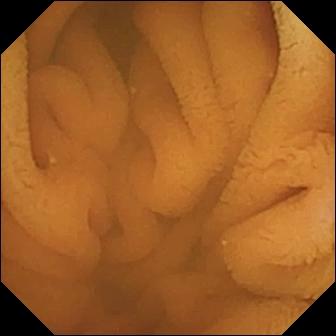Wireless capsule endoscopy frame, small intestine
Impression: normal clean mucosa